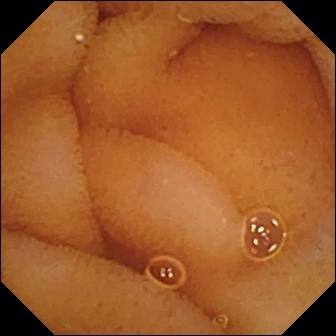PROCEDURE: VCE.
SEGMENT: Small bowel.
FINDINGS: Normal clean mucosa.